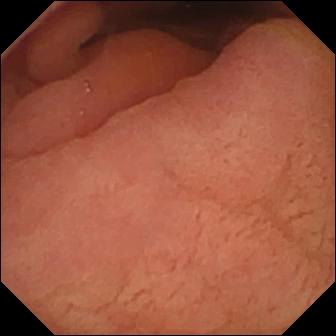WCE — pylorus region.